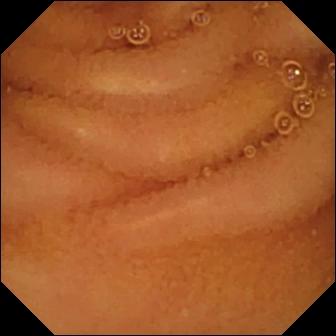PROCEDURE: Video capsule endoscopy.
SEGMENT: Small intestine.
FINDINGS: Normal clean mucosa.